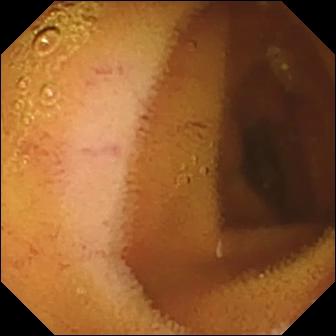WCE image, small intestine
Finding: normal clean mucosa